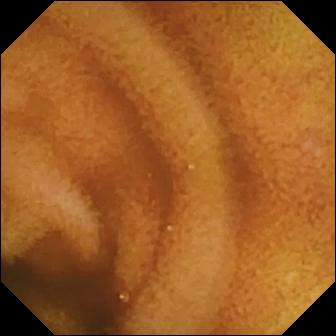modality: video capsule endoscopy | segment: small bowel | finding: normal clean mucosa